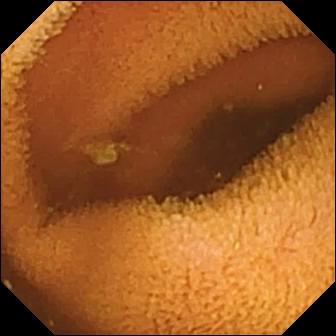Normal clean mucosa.